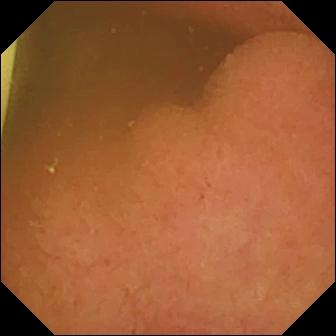Small-bowel capsule endoscopy — foreign body (e.g. retained capsule, tablet residue).